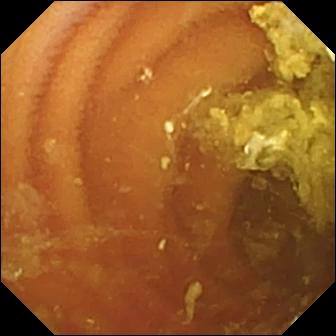Normal clean mucosa — VCE image.